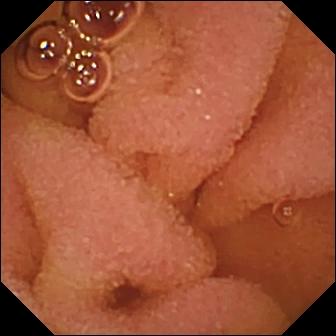VCE. Luminal finding. Label: normal clean mucosa.